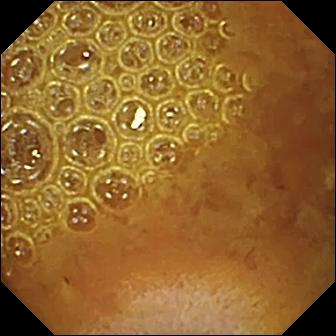Reduced mucosal view (content or bubbles obscuring the mucosa) — video capsule endoscopy view of the small intestine.